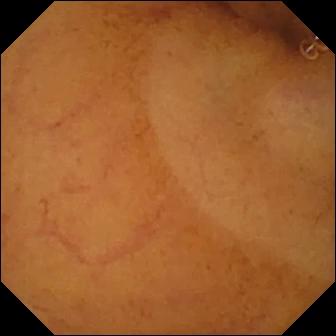- modality: capsule endoscopy
- label: normal clean mucosa